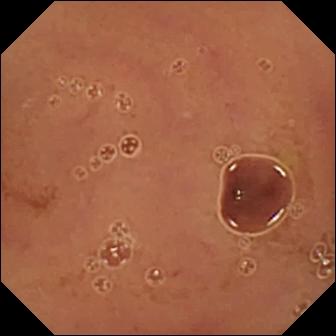Wireless capsule endoscopy image
Observation: normal clean mucosa